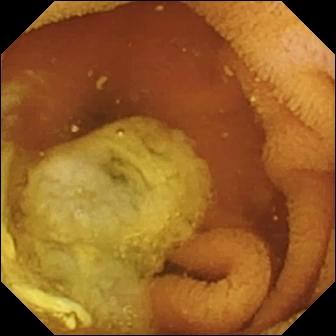WCE still showing normal clean mucosa.